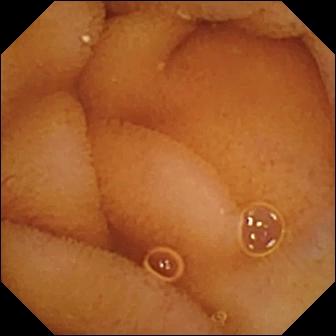modality: WCE
label: normal clean mucosa